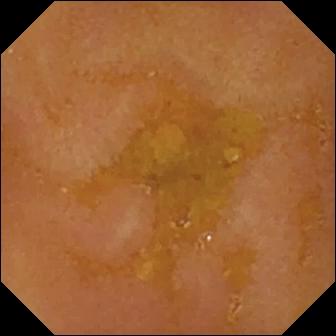Capsule endoscopy. Luminal finding. Label: reduced mucosal view (content or bubbles obscuring the mucosa).